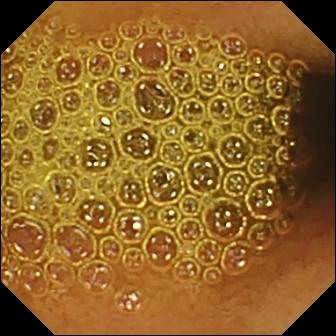{"modality": "capsule endoscopy", "finding": "reduced mucosal view (content or bubbles obscuring the mucosa)"}